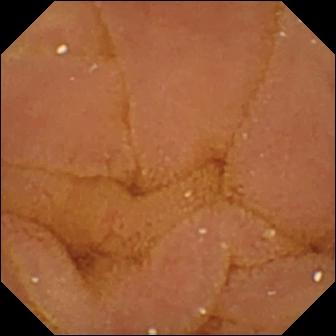This VCE view shows normal clean mucosa.